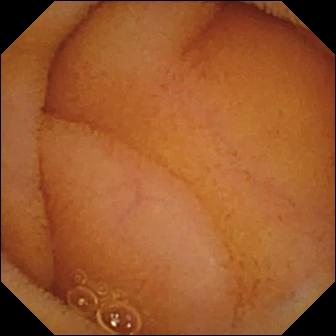This video capsule endoscopy snapshot of the small bowel shows normal clean mucosa.